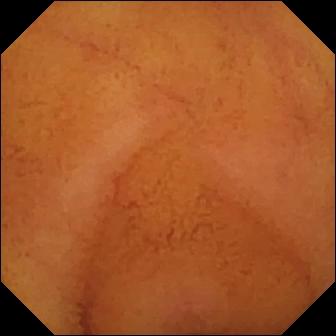Small-bowel capsule endoscopy still
Finding: normal clean mucosa